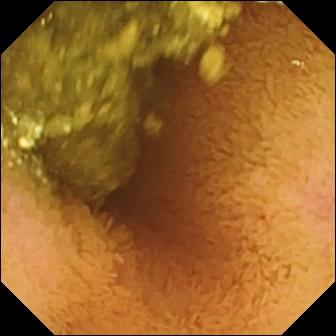Wireless capsule endoscopy snapshot, small intestine
Label: normal clean mucosa